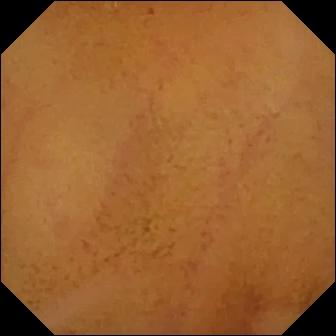Small-bowel capsule endoscopy — normal clean mucosa.